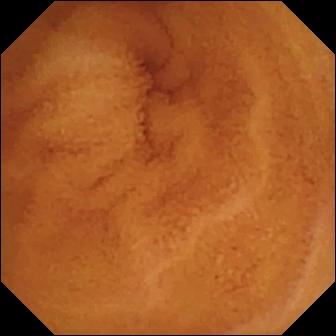WCE still
Finding: normal clean mucosa